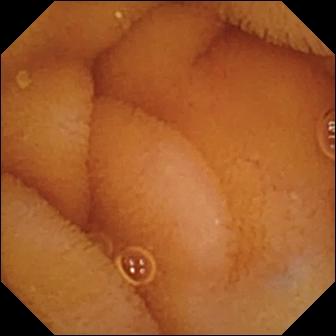Small-bowel capsule endoscopy. Finding: normal clean mucosa.